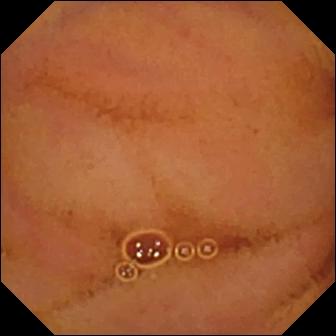Wireless capsule endoscopy still of the small intestine showing normal clean mucosa.